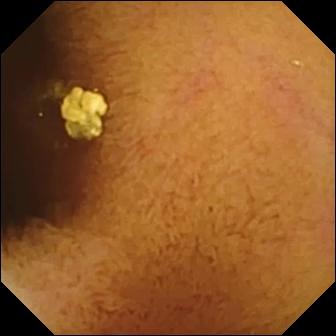Capsule endoscopy frame (small intestine), 336×336. Normal clean mucosa.